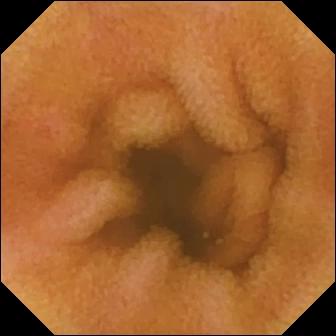Q: What does this small-bowel capsule endoscopy frame show?
A: Erythema (mucosal redness).